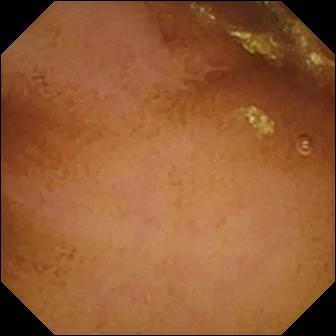PROCEDURE: Capsule endoscopy.
FINDINGS: Normal clean mucosa.